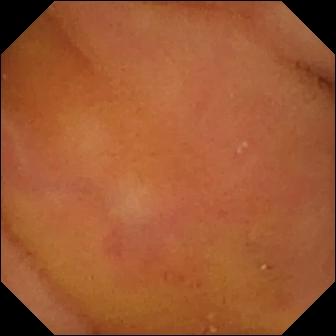Normal clean mucosa — WCE view of the small bowel.